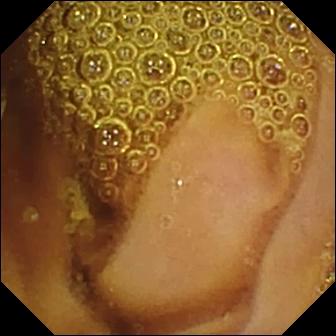Normal clean mucosa — small-bowel capsule endoscopy snapshot of the small intestine.